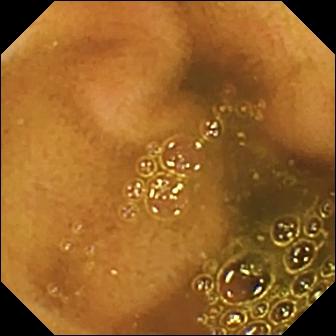modality: VCE | label: ileo-cecal valve region (the transition from the small bowel to the large bowel)